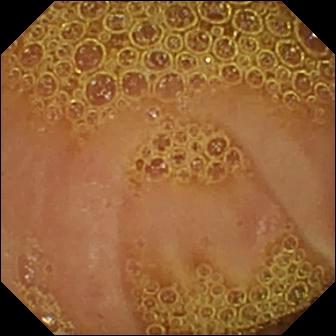WCE — normal clean mucosa.